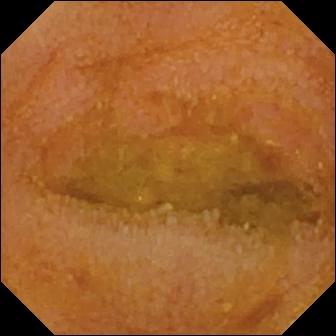PROCEDURE: Wireless capsule endoscopy.
SEGMENT: Small intestine.
FINDINGS: Reduced mucosal view (content or bubbles obscuring the mucosa).